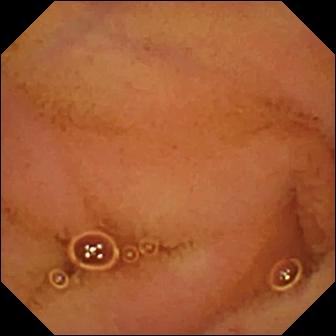Normal clean mucosa — WCE image.